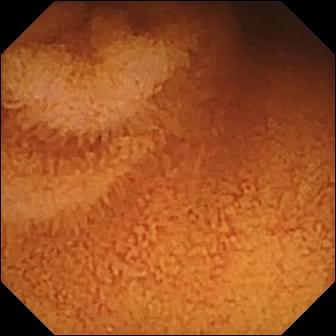- modality: video capsule endoscopy
- observation: normal clean mucosa